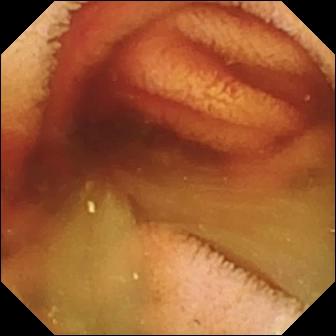VCE snapshot showing fresh blood in the lumen.